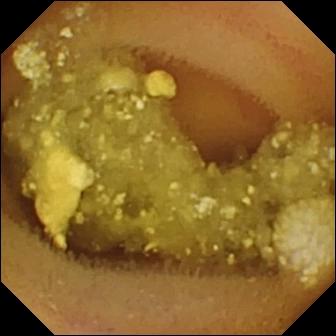WCE view
Observation: lymphangiectasia